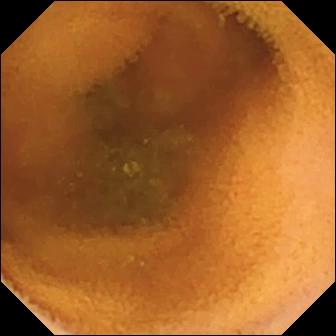Video capsule endoscopy. Luminal finding. Impression: normal clean mucosa.